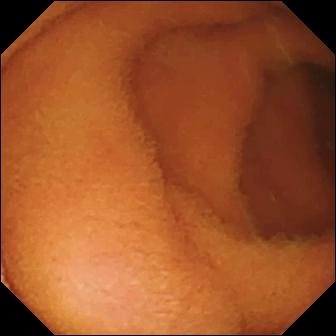WCE — normal clean mucosa.